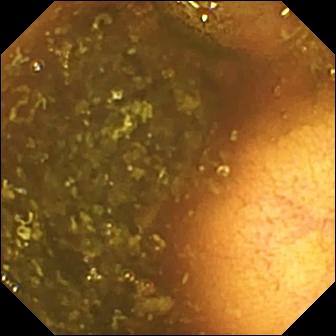{"modality": "capsule endoscopy", "position": "ileo-cecal valve region (the transition from the small bowel to the large bowel)"}